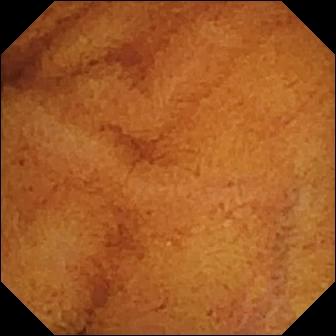Normal clean mucosa — video capsule endoscopy snapshot.